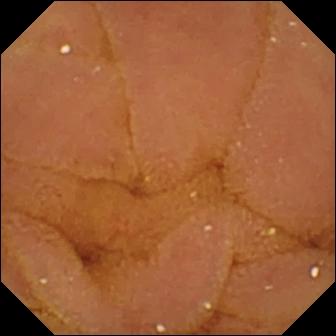PROCEDURE: Capsule endoscopy.
SEGMENT: Small bowel.
FINDINGS: Normal clean mucosa.